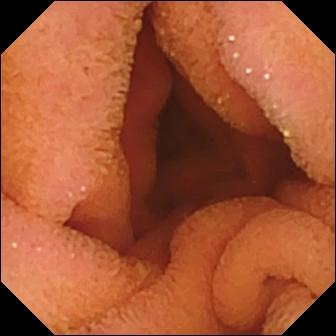Normal clean mucosa (336×336).